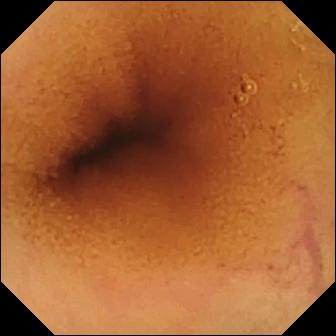{"modality": "VCE", "segment": "small bowel", "category": "luminal finding", "finding": "normal clean mucosa"}